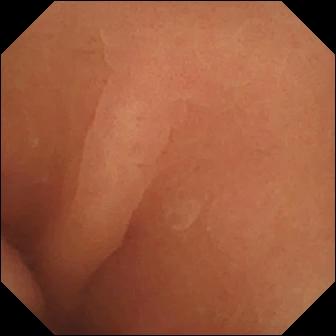Normal clean mucosa — VCE frame.